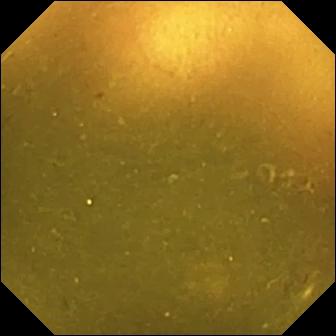{"modality": "WCE", "position": "ileo-cecal valve region (the transition from the small bowel to the large bowel)"}